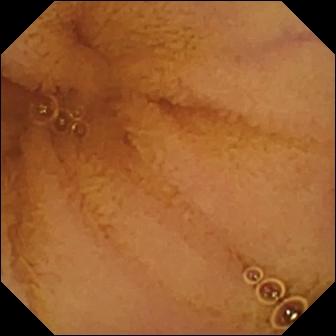Video capsule endoscopy still (small intestine). Normal clean mucosa.